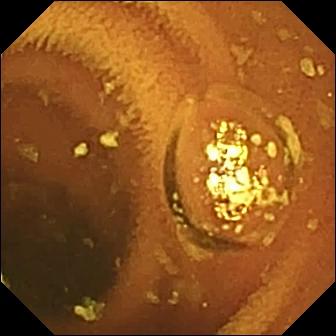- modality: WCE
- segment: small bowel
- observation: normal clean mucosa